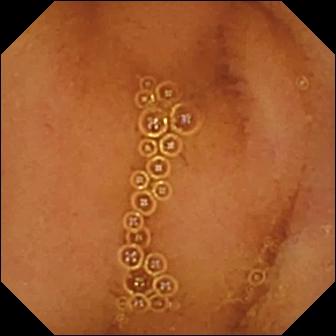VCE frame
Impression: normal clean mucosa